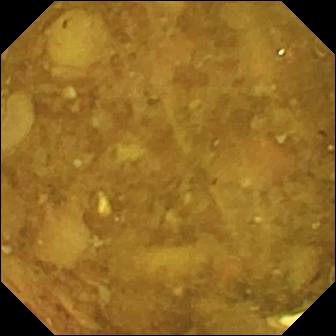WCE image, small bowel
Label: reduced mucosal view (content or bubbles obscuring the mucosa)